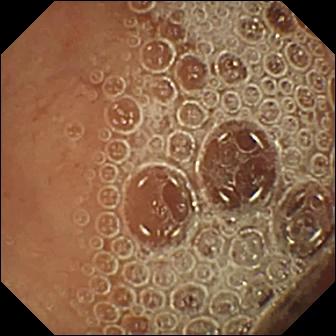Small-bowel capsule endoscopy snapshot
Observation: normal clean mucosa